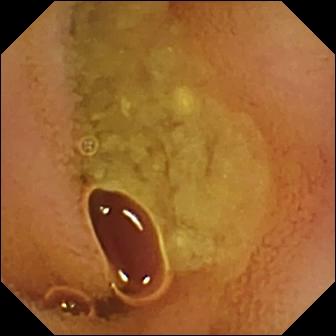Capsule endoscopy — normal clean mucosa.